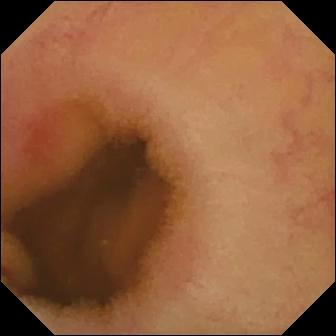Small-bowel capsule endoscopy snapshot
Observation: erythema (mucosal redness)